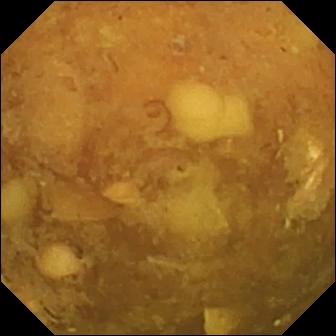Reduced mucosal view (content or bubbles obscuring the mucosa).